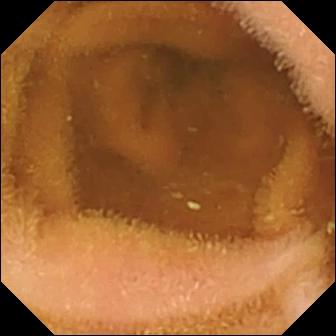modality: WCE; observation: normal clean mucosa